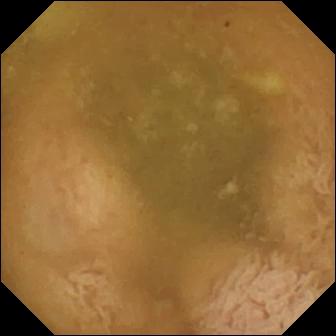Q: Where in the digestive tract was this VCE image taken?
A: Ileo-cecal valve region.